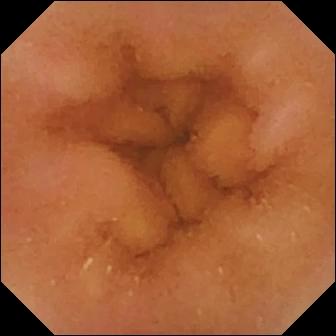modality: WCE; segment: small intestine; finding: normal clean mucosa